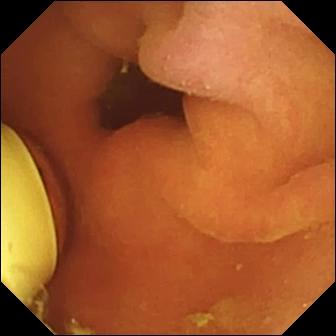This WCE view shows foreign body (e.g. retained capsule, tablet residue).